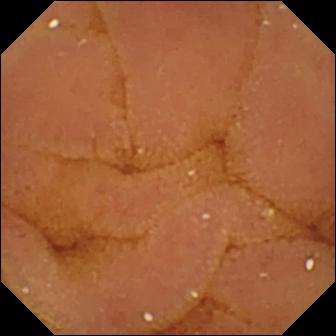PROCEDURE: Wireless capsule endoscopy.
FINDINGS: Normal clean mucosa.